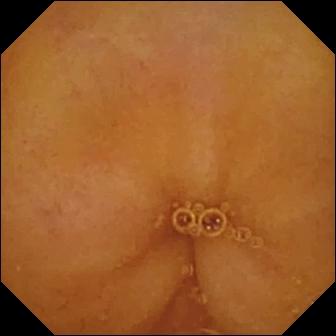modality: WCE
observation: normal clean mucosa